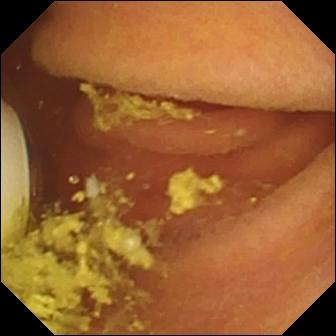Foreign body (e.g. retained capsule, tablet residue).